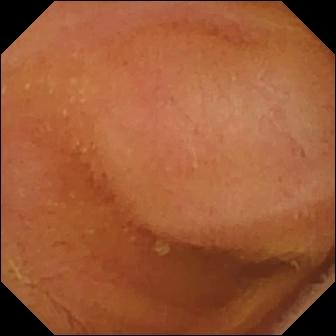Normal clean mucosa — WCE view of the small bowel.